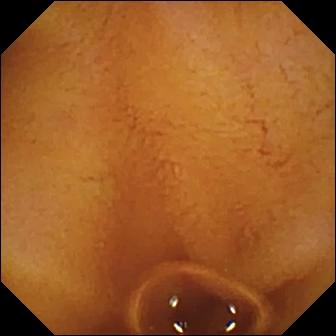{"modality": "wireless capsule endoscopy", "finding": "normal clean mucosa"}